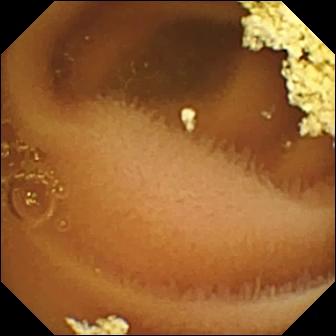Small-bowel capsule endoscopy — normal clean mucosa.